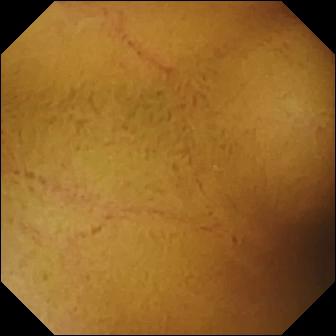Normal clean mucosa — WCE snapshot.